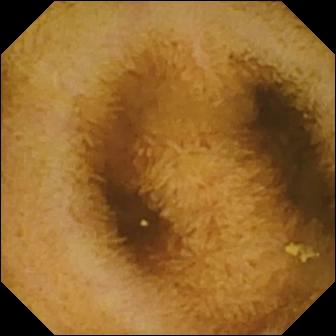This WCE view of the small bowel shows normal clean mucosa.